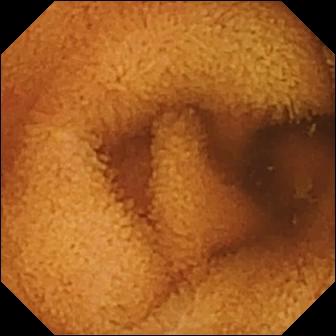Video capsule endoscopy — normal clean mucosa.